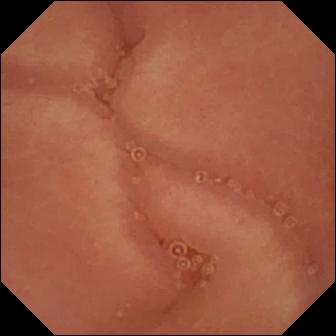Pylorus region.